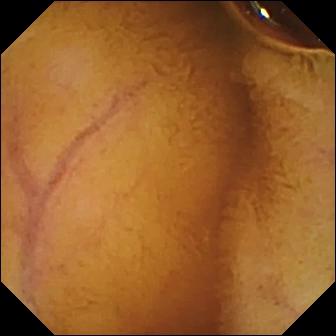This video capsule endoscopy snapshot shows normal clean mucosa.